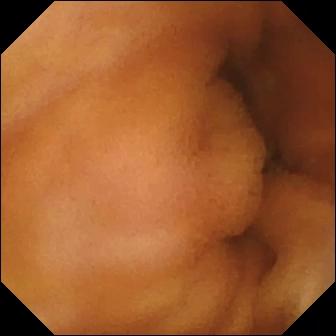modality: video capsule endoscopy | segment: small intestine | category: luminal finding | observation: normal clean mucosa